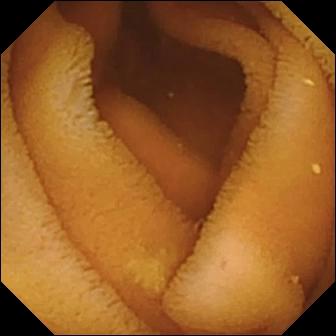PROCEDURE: VCE.
FINDINGS: Normal clean mucosa.